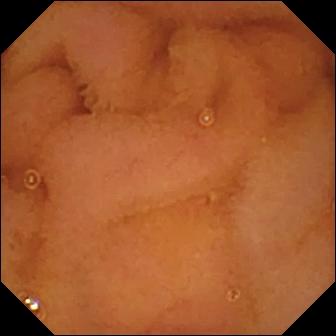modality: wireless capsule endoscopy; segment: small intestine; label: normal clean mucosa